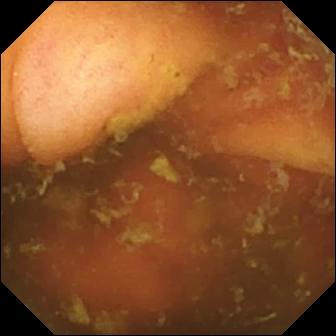This WCE image was taken in the ileo-cecal valve region (the transition from the small bowel to the large bowel).